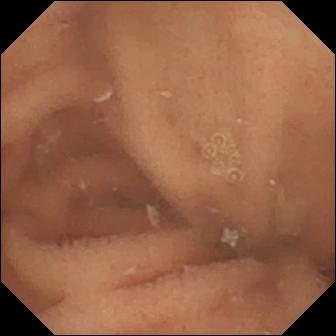Wireless capsule endoscopy. Small bowel. Impression: normal clean mucosa.